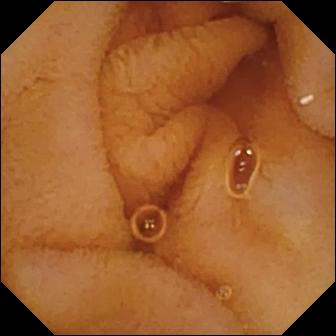Q: What does this small-bowel capsule endoscopy image of the small bowel show?
A: Normal clean mucosa.